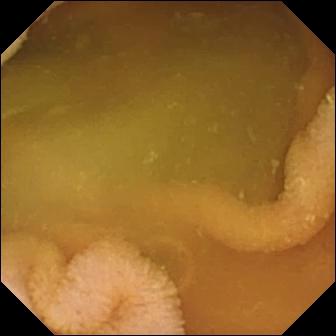Q: What does this video capsule endoscopy image of the small intestine show?
A: Normal clean mucosa.